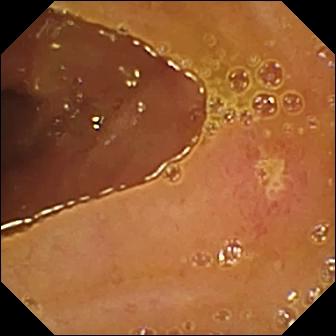Capsule endoscopy frame, 336×336. Ulcer.